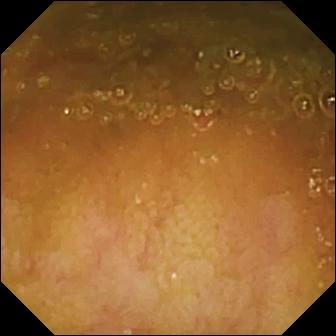Video capsule endoscopy image taken in the ileo-cecal valve region (the transition from the small bowel to the large bowel).